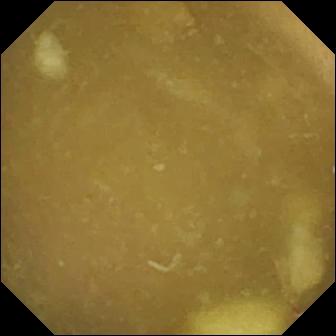Video capsule endoscopy image taken in the ileo-cecal valve region (the transition from the small bowel to the large bowel).